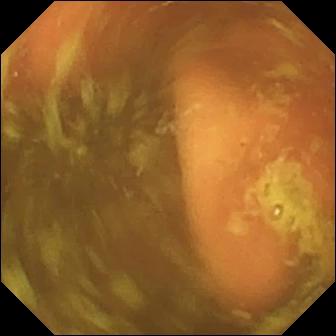This small-bowel capsule endoscopy snapshot was taken in the ileo-cecal valve region.